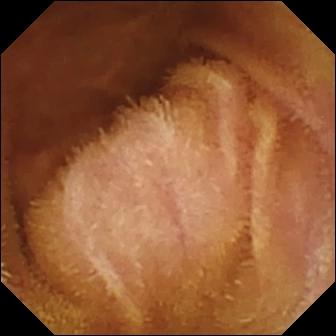WCE frame of the small bowel showing normal clean mucosa.